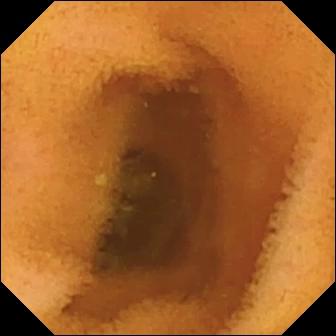Normal clean mucosa.